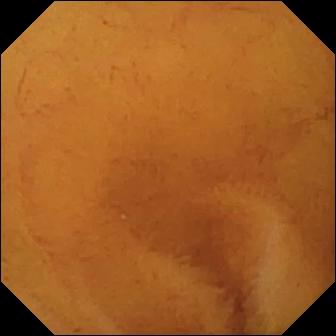WCE. Small intestine. Impression: normal clean mucosa.